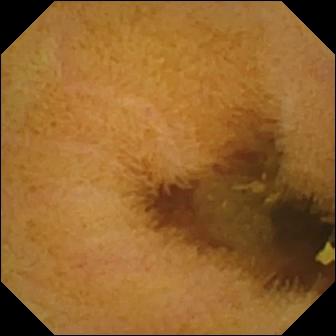Wireless capsule endoscopy view (small intestine), 336×336. Normal clean mucosa.